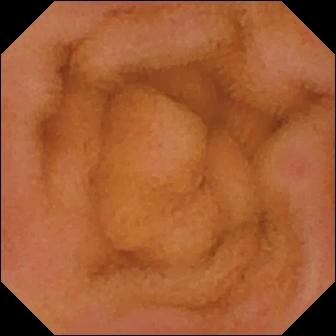Wireless capsule endoscopy snapshot showing erythema (mucosal redness).